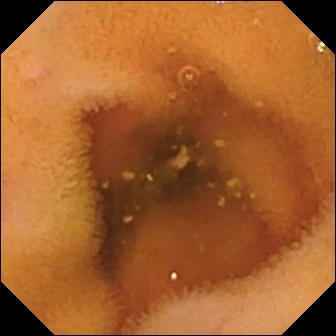VCE — normal clean mucosa.